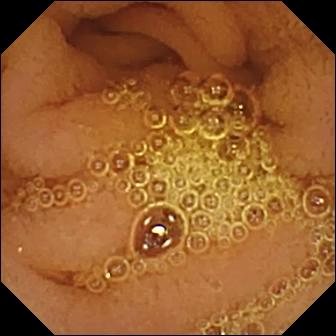VCE snapshot, 336×336. Normal clean mucosa.